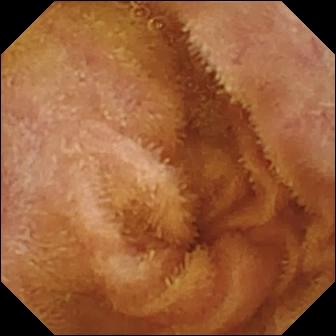Capsule endoscopy image (small intestine). Normal clean mucosa.